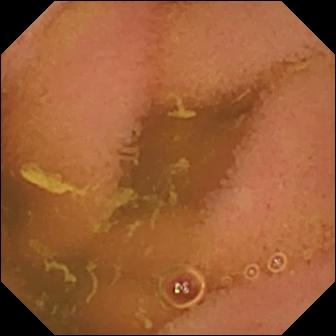Capsule endoscopy image, small intestine
Impression: normal clean mucosa